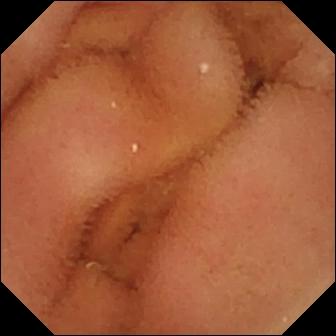Normal clean mucosa.